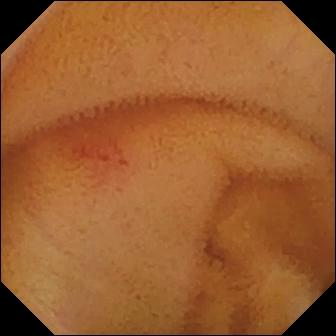Angiectasia — wireless capsule endoscopy snapshot.